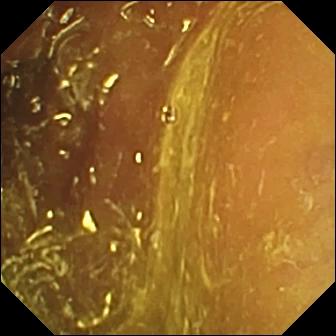Ileo-cecal valve region, 336×336.